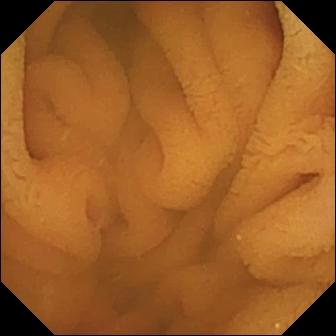modality: VCE
segment: small intestine
finding: normal clean mucosa